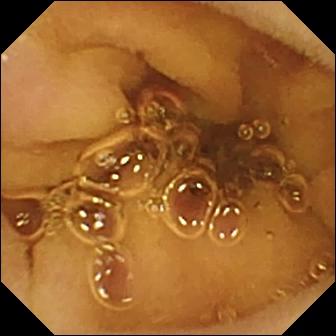Q: What does this wireless capsule endoscopy still show?
A: Normal clean mucosa.